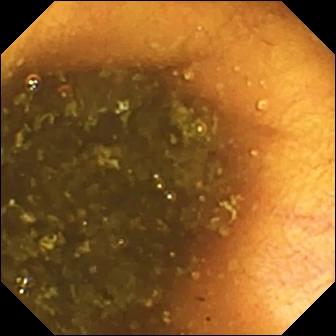- modality: small-bowel capsule endoscopy
- location: ileo-cecal valve region